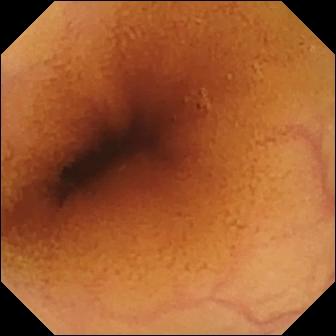Normal clean mucosa — video capsule endoscopy view.